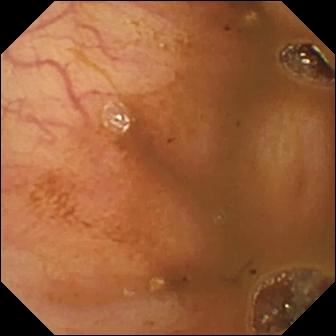This video capsule endoscopy snapshot was taken in the ileo-cecal valve region (the transition from the small bowel to the large bowel).